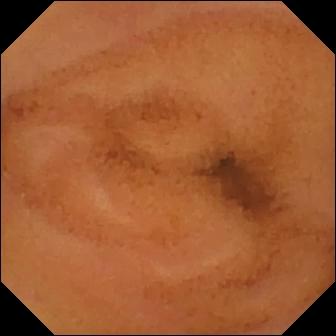WCE view of the small bowel showing normal clean mucosa.